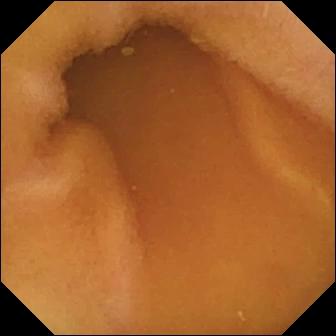Video capsule endoscopy snapshot
Label: normal clean mucosa